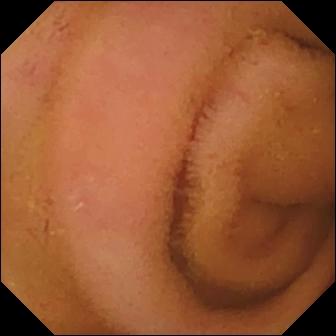VCE snapshot of the small bowel showing normal clean mucosa.